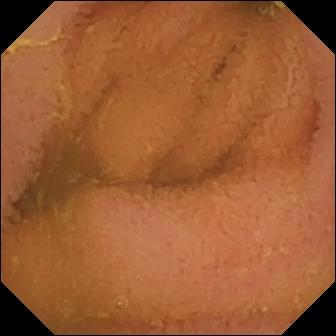- modality: small-bowel capsule endoscopy
- category: luminal finding
- label: normal clean mucosa